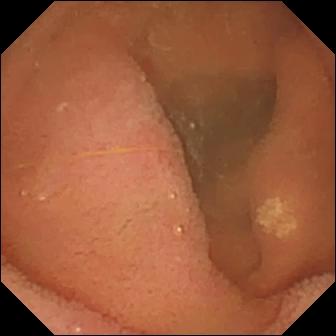Small-bowel capsule endoscopy. Luminal finding. Impression: lymphangiectasia.